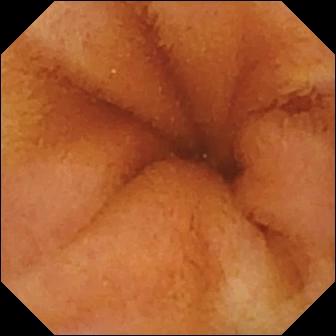Normal clean mucosa.